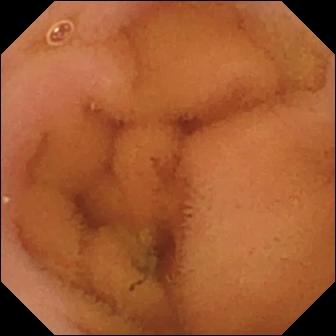This small-bowel capsule endoscopy snapshot shows normal clean mucosa.